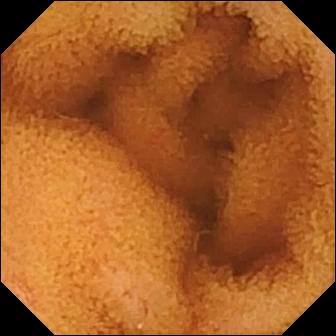Q: What does this video capsule endoscopy view show?
A: Normal clean mucosa.